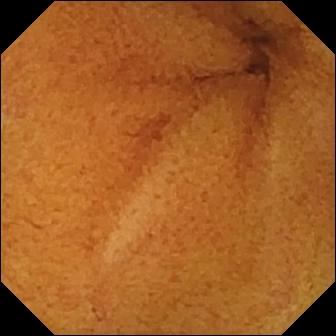Normal clean mucosa.